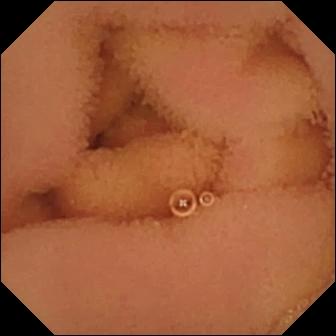PROCEDURE: Wireless capsule endoscopy.
FINDINGS: Normal clean mucosa.